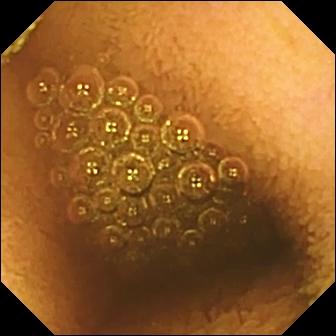Reduced mucosal view (content or bubbles obscuring the mucosa) — WCE image of the small bowel.